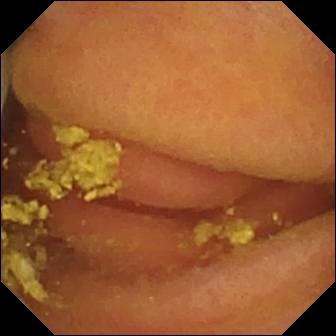VCE. Luminal finding. Observation: foreign body (e.g. retained capsule, tablet residue).